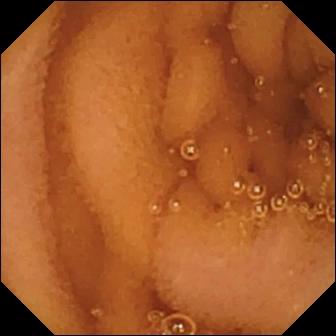Q: What does this capsule endoscopy image of the small intestine show?
A: Normal clean mucosa.